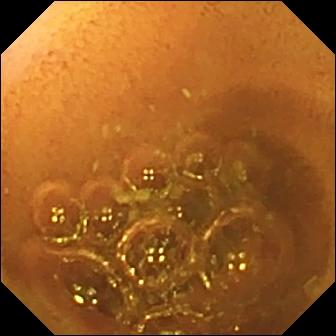This WCE image shows normal clean mucosa.